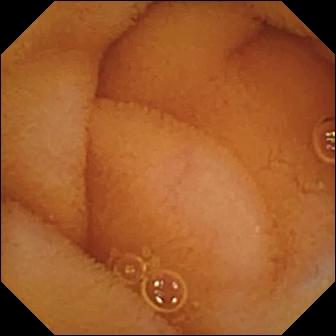Video capsule endoscopy — normal clean mucosa.